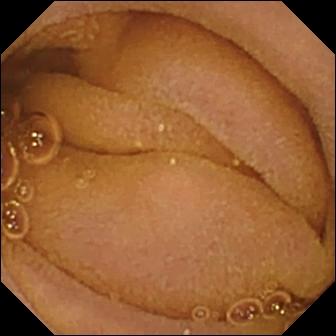Q: What does this small-bowel capsule endoscopy image of the small bowel show?
A: Normal clean mucosa.